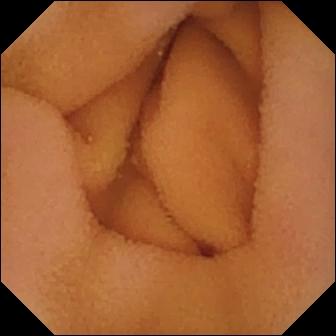PROCEDURE: Video capsule endoscopy.
SEGMENT: Small intestine.
FINDINGS: Normal clean mucosa.